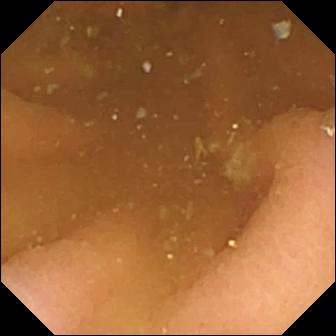Wireless capsule endoscopy still taken in the pylorus region (where the capsule passes from the stomach into the small bowel).